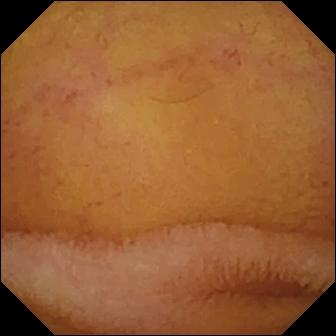Capsule endoscopy — normal clean mucosa.